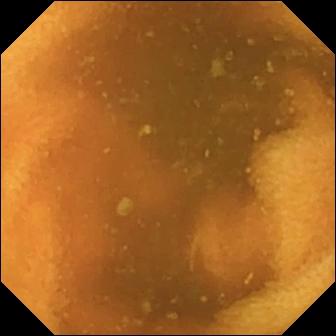VCE view of the small bowel showing normal clean mucosa.